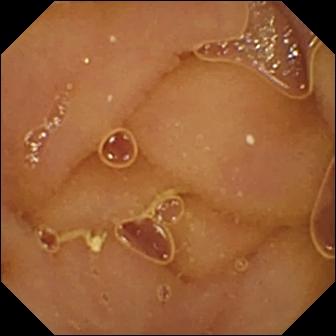This small-bowel capsule endoscopy still of the small intestine shows normal clean mucosa.